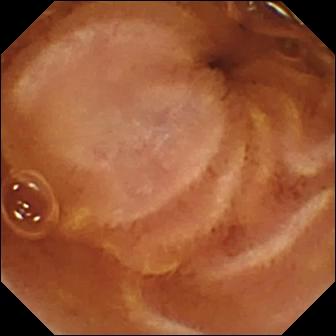{"modality": "capsule endoscopy", "category": "luminal finding", "finding": "normal clean mucosa"}